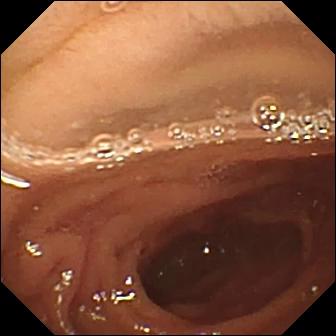- modality: wireless capsule endoscopy
- position: pylorus region (where the capsule passes from the stomach into the small bowel)